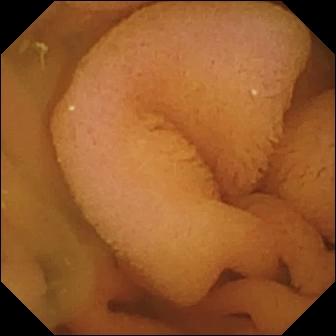Q: What does this VCE image show?
A: Normal clean mucosa.